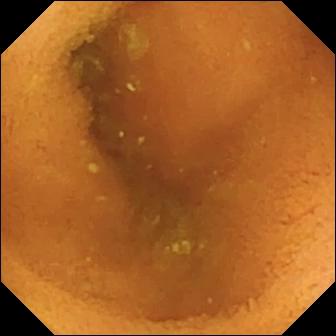{"modality": "WCE", "segment": "small intestine", "category": "luminal finding", "finding": "normal clean mucosa"}